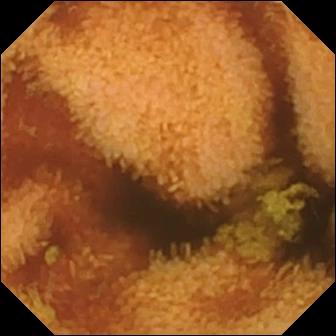Normal clean mucosa (336×336).